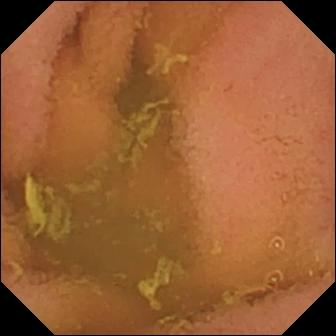Small-bowel capsule endoscopy view, small bowel
Label: normal clean mucosa